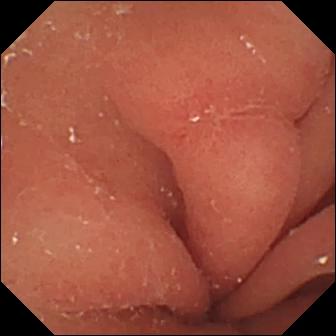{"modality": "small-bowel capsule endoscopy", "category": "luminal finding", "finding": "erosion"}